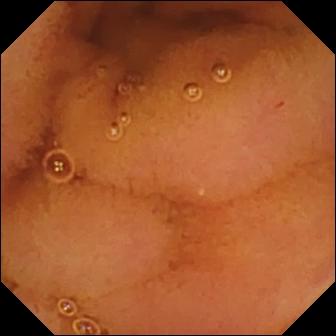Wireless capsule endoscopy frame showing normal clean mucosa.